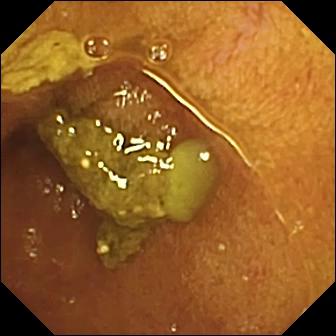modality: small-bowel capsule endoscopy
label: ileo-cecal valve region